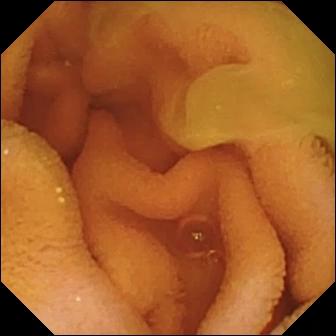{"modality": "wireless capsule endoscopy", "finding": "normal clean mucosa"}